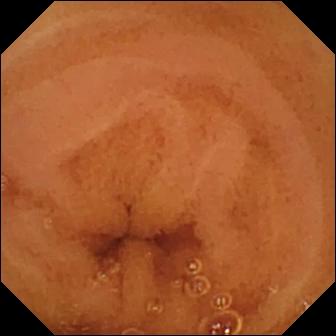This small-bowel capsule endoscopy snapshot of the small intestine shows normal clean mucosa.